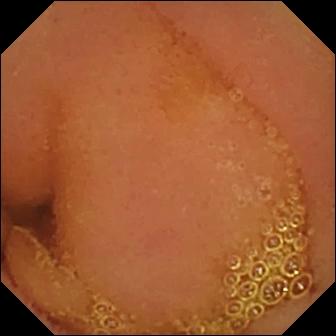Small-bowel capsule endoscopy — normal clean mucosa.